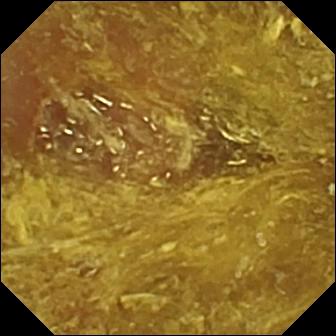Wireless capsule endoscopy — reduced mucosal view (content or bubbles obscuring the mucosa).